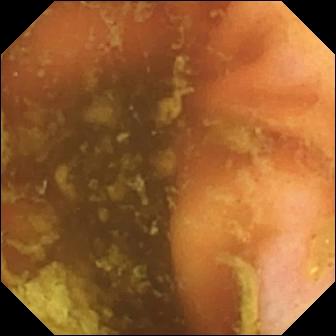Q: Where in the digestive tract was this WCE view taken?
A: Ileo-cecal valve region.